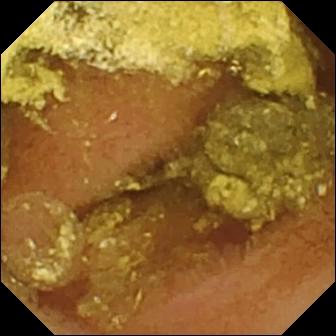Normal clean mucosa — small-bowel capsule endoscopy snapshot of the small intestine.